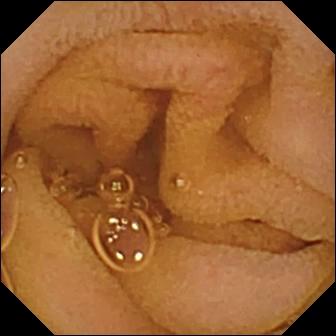modality: capsule endoscopy; segment: small bowel; category: luminal finding; finding: normal clean mucosa